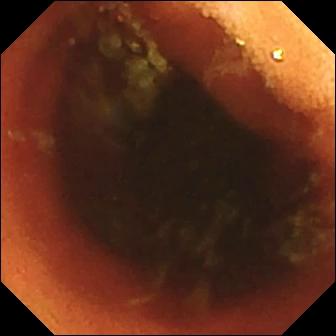Video capsule endoscopy still
Video segment: ileo-cecal valve region (the transition from the small bowel to the large bowel)